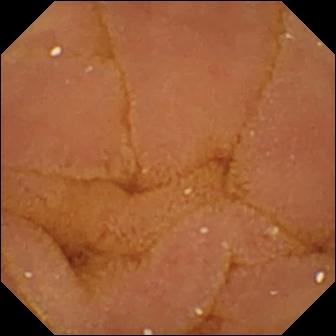Wireless capsule endoscopy view (small intestine), 336×336. Normal clean mucosa.